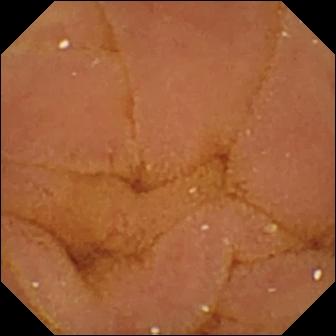Wireless capsule endoscopy view of the small intestine showing normal clean mucosa.